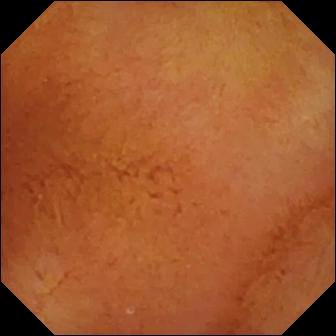WCE. Small bowel. Luminal finding. Finding: normal clean mucosa.